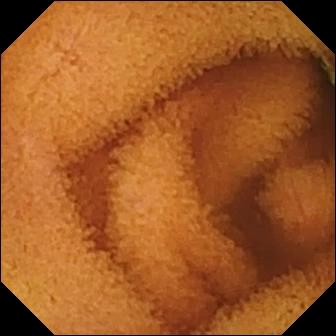WCE snapshot (small bowel). Normal clean mucosa.